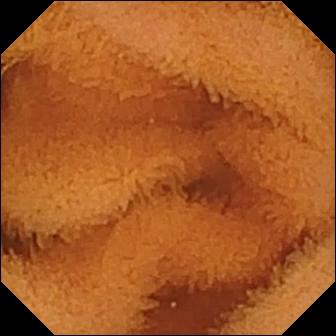Capsule endoscopy. Small bowel. Label: normal clean mucosa.